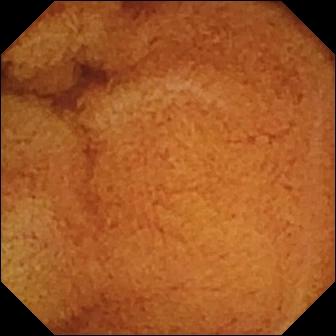modality: wireless capsule endoscopy | category: luminal finding | observation: normal clean mucosa